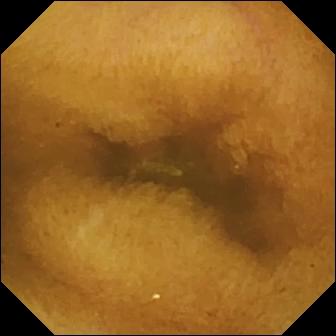Q: What does this VCE still show?
A: Normal clean mucosa.